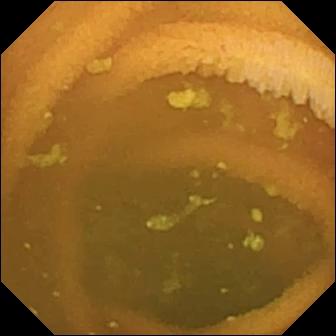Normal clean mucosa — wireless capsule endoscopy still.